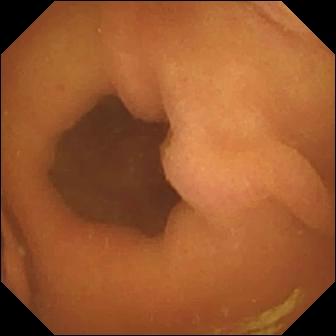VCE — foreign body (e.g. retained capsule, tablet residue).